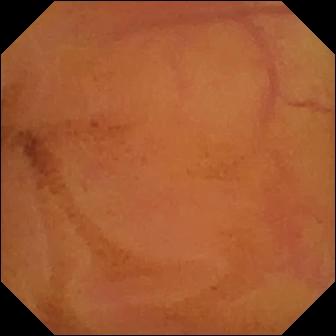This WCE image of the small bowel shows normal clean mucosa.